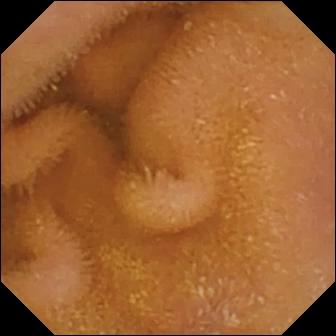Normal clean mucosa — small-bowel capsule endoscopy image.